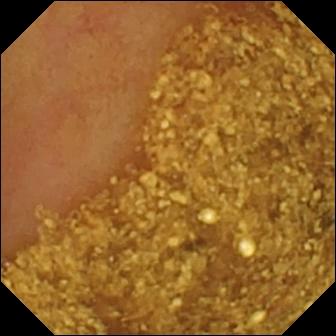Q: Where in the digestive tract was this WCE still taken?
A: Ileo-cecal valve region.